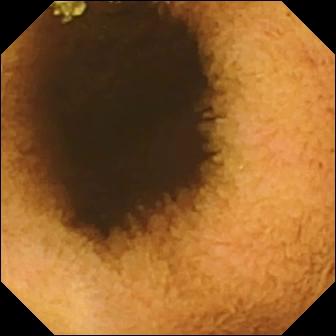Reduced mucosal view (content or bubbles obscuring the mucosa).